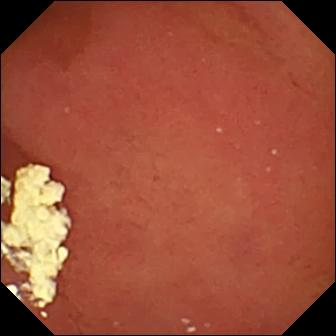VCE frame, 336×336. Taken in the pylorus region (the junction between the stomach and the small bowel).